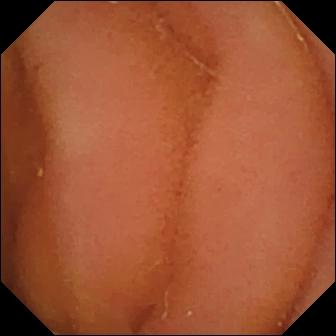Normal clean mucosa — wireless capsule endoscopy snapshot of the small bowel.